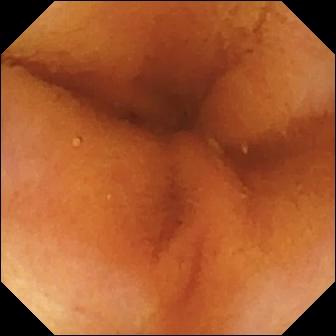modality: WCE
category: luminal finding
finding: normal clean mucosa